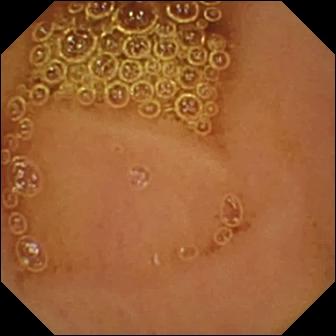VCE — normal clean mucosa.